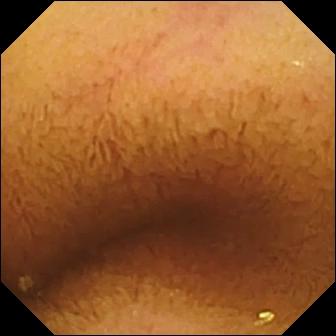PROCEDURE: Capsule endoscopy.
FINDINGS: Normal clean mucosa.